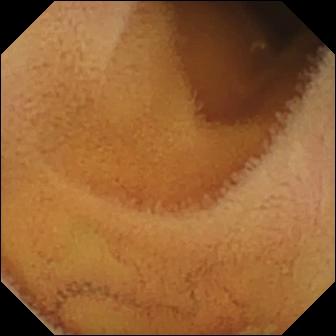This video capsule endoscopy image of the small intestine shows normal clean mucosa.